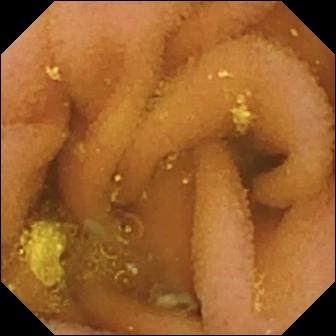Video capsule endoscopy — lymphangiectasia.